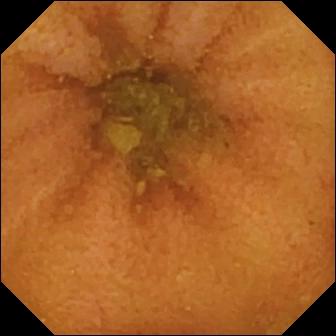Normal clean mucosa — VCE still.